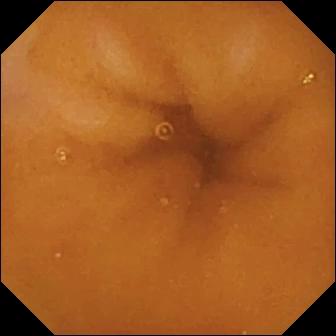Q: What does this WCE frame show?
A: Normal clean mucosa.